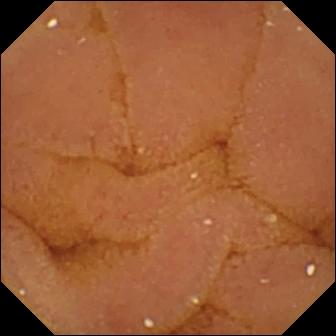PROCEDURE: Video capsule endoscopy.
FINDINGS: Normal clean mucosa.